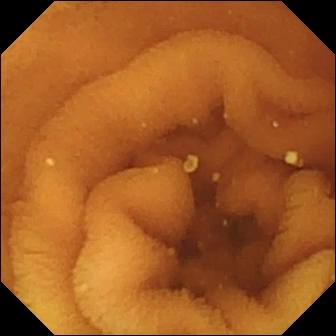Normal clean mucosa — wireless capsule endoscopy snapshot of the small bowel.